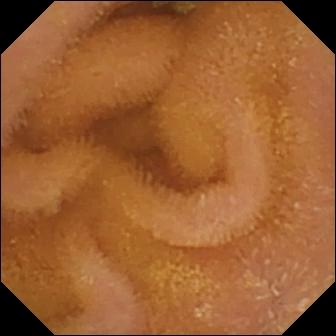Wireless capsule endoscopy — normal clean mucosa.